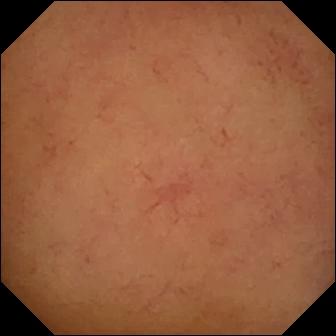Video capsule endoscopy image of the small intestine showing normal clean mucosa.